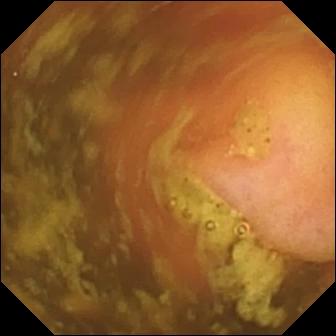Wireless capsule endoscopy image. Taken in the ileo-cecal valve region (where the capsule passes from the small bowel into the large bowel).